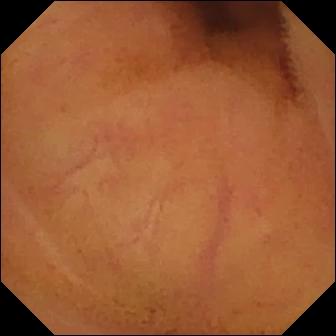PROCEDURE: VCE.
SEGMENT: Small bowel.
FINDINGS: Normal clean mucosa.